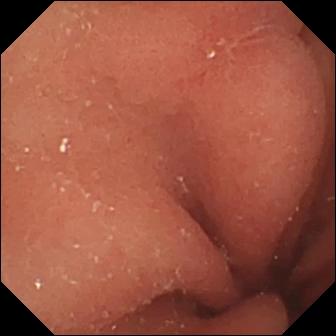{"modality": "capsule endoscopy", "finding": "erosion"}